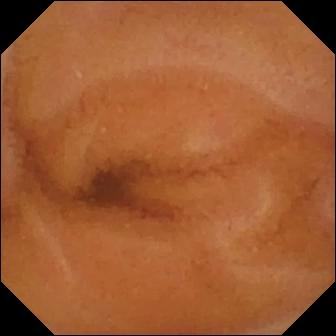Small-bowel capsule endoscopy still of the small bowel showing normal clean mucosa.